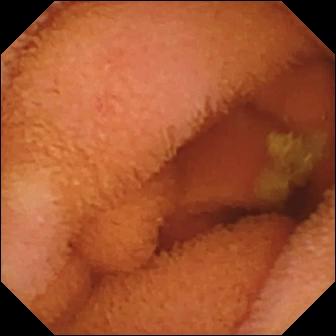Q: What does this capsule endoscopy view show?
A: Normal clean mucosa.